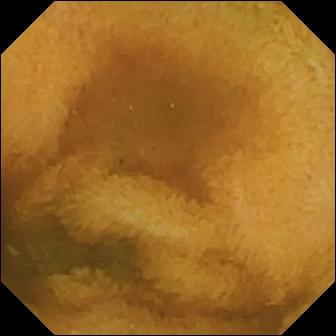Video capsule endoscopy still (small intestine), 336×336. Normal clean mucosa.